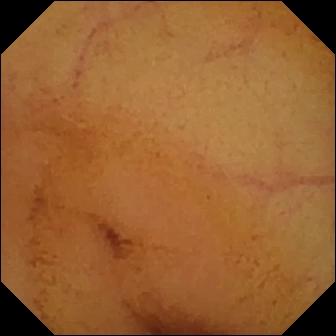Q: What does this small-bowel capsule endoscopy still show?
A: Normal clean mucosa.